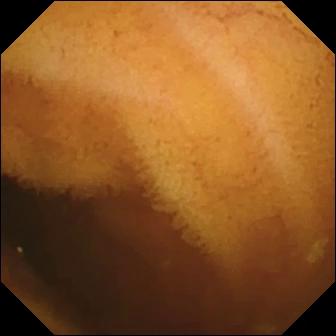Normal clean mucosa — WCE frame.